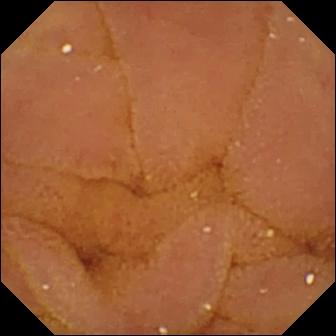This wireless capsule endoscopy view shows normal clean mucosa.